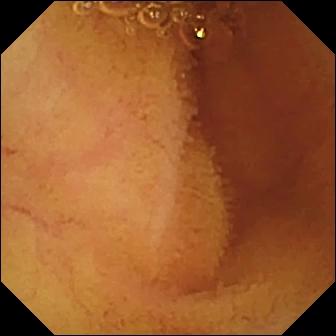Normal clean mucosa.